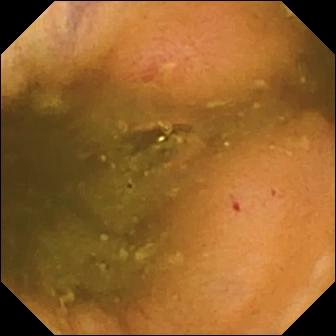Capsule endoscopy frame showing erosion.